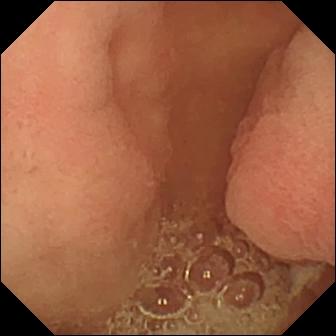modality: capsule endoscopy | label: pylorus region (the junction between the stomach and the small bowel)